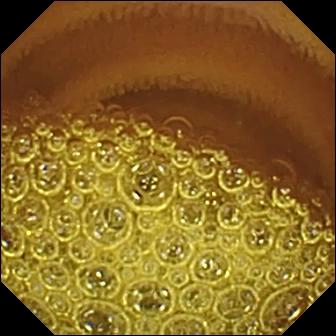Small-bowel capsule endoscopy snapshot (small bowel). Normal clean mucosa.